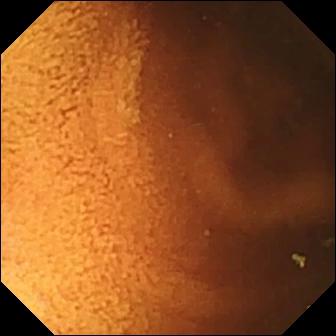Small-bowel capsule endoscopy frame (small intestine). Normal clean mucosa.